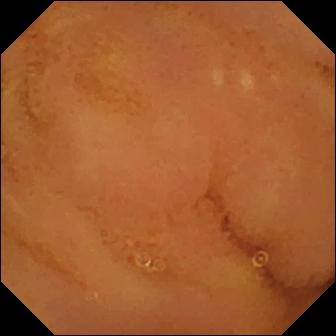Normal clean mucosa — wireless capsule endoscopy view of the small intestine.